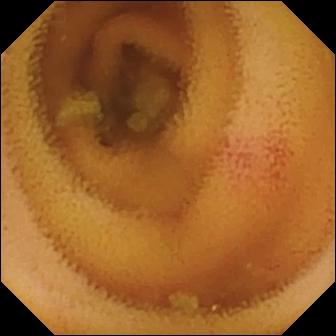Small-bowel capsule endoscopy still showing angiectasia.